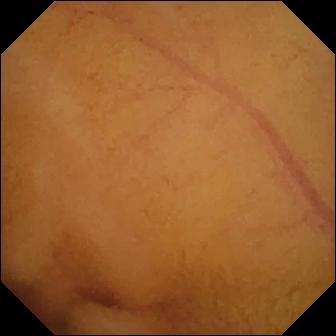Small-bowel capsule endoscopy frame (small bowel). Normal clean mucosa.